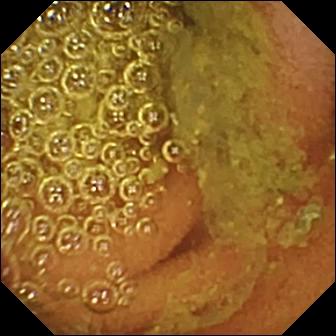Capsule endoscopy — normal clean mucosa.